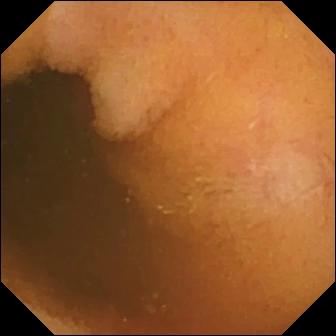This small-bowel capsule endoscopy image of the small bowel shows normal clean mucosa.